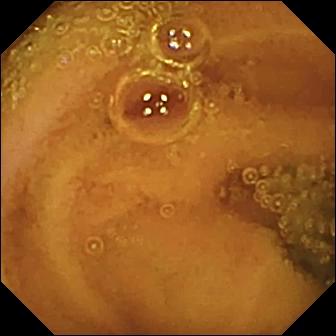This wireless capsule endoscopy view shows normal clean mucosa.